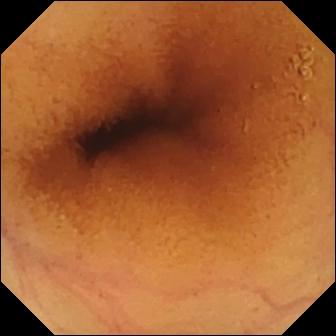- modality: VCE
- segment: small bowel
- category: luminal finding
- label: normal clean mucosa